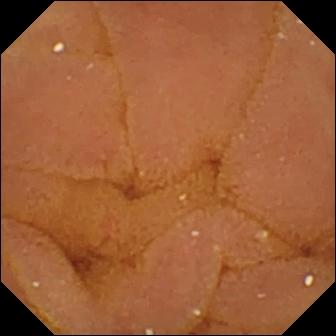Normal clean mucosa — video capsule endoscopy view of the small bowel.